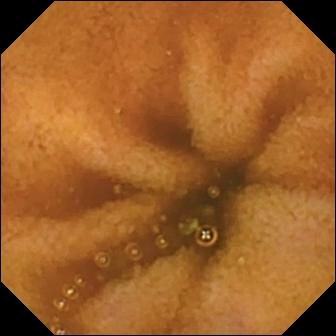{"modality": "WCE", "segment": "small bowel", "finding": "normal clean mucosa"}